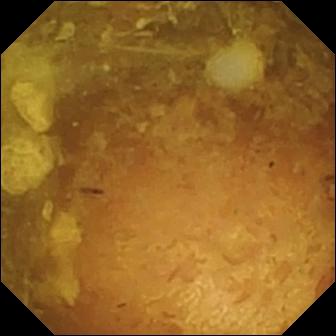modality: small-bowel capsule endoscopy
segment: small bowel
category: luminal finding
impression: reduced mucosal view (content or bubbles obscuring the mucosa)